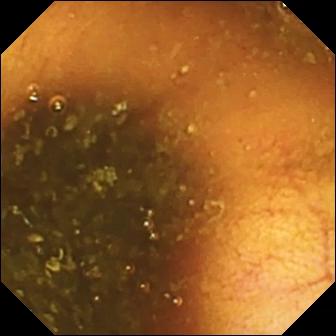PROCEDURE: Wireless capsule endoscopy.
VIDEO SEGMENT: Ileo-cecal valve region.